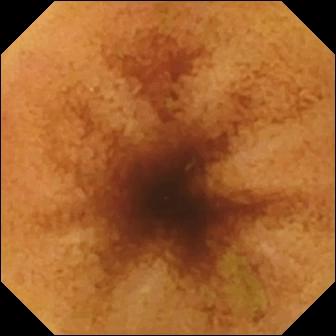- modality: wireless capsule endoscopy
- finding: normal clean mucosa